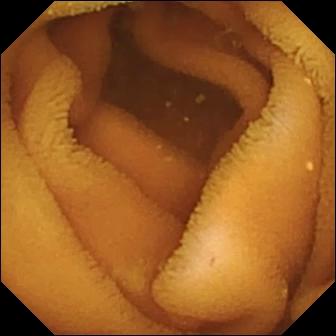Q: What does this WCE frame of the small intestine show?
A: Normal clean mucosa.